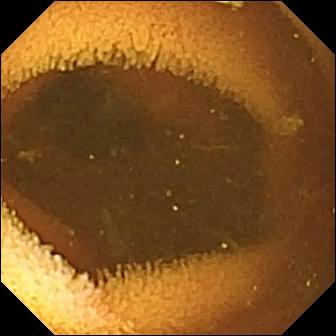Normal clean mucosa.